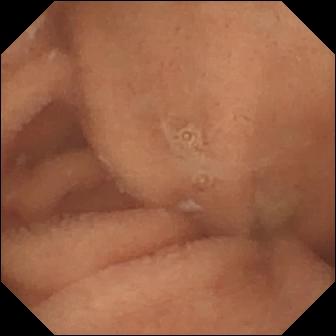Normal clean mucosa — small-bowel capsule endoscopy image.